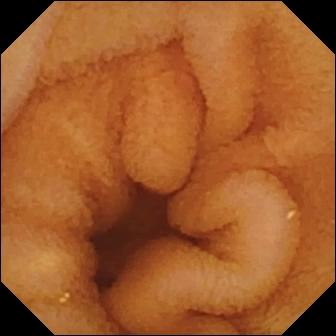- modality: VCE
- category: luminal finding
- observation: normal clean mucosa